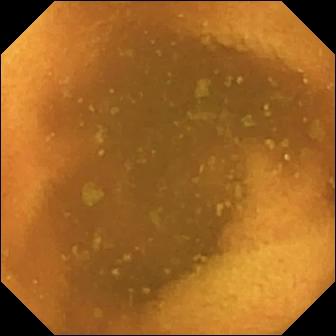Video capsule endoscopy. Impression: normal clean mucosa.